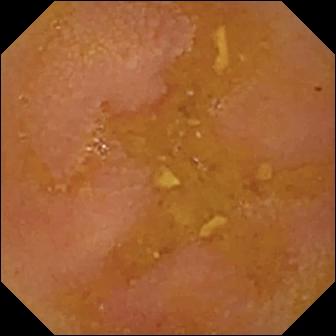Capsule endoscopy frame showing reduced mucosal view (content or bubbles obscuring the mucosa).